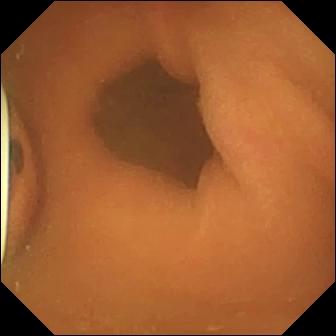Foreign body (e.g. retained capsule, tablet residue) — wireless capsule endoscopy still.